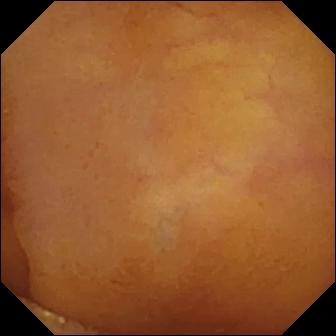Q: What does this video capsule endoscopy snapshot show?
A: Normal clean mucosa.